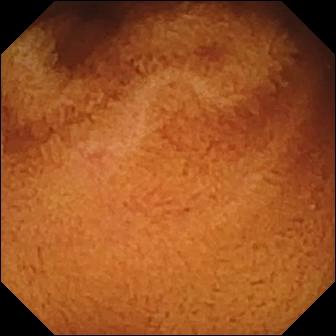Video capsule endoscopy still, 336×336. Normal clean mucosa.